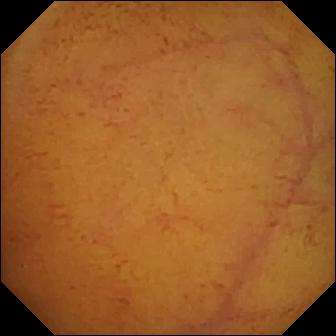Wireless capsule endoscopy — normal clean mucosa.